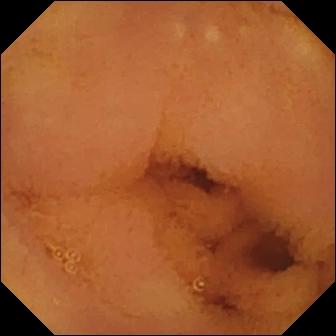This wireless capsule endoscopy still shows normal clean mucosa.